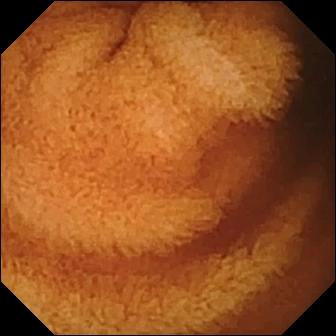- modality: video capsule endoscopy
- segment: small intestine
- category: luminal finding
- observation: normal clean mucosa